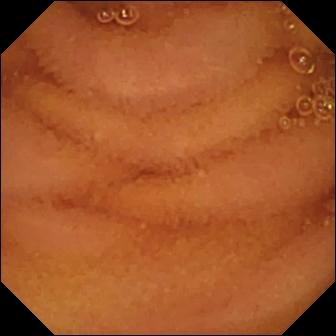Normal clean mucosa — wireless capsule endoscopy still.